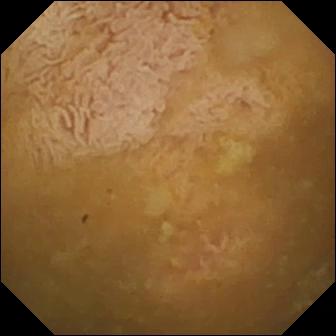WCE image taken in the ileo-cecal valve region (where the capsule passes from the small bowel into the large bowel).